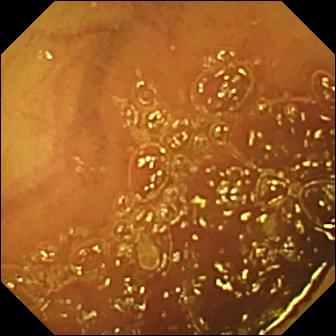VCE view, 336×336. Normal clean mucosa.